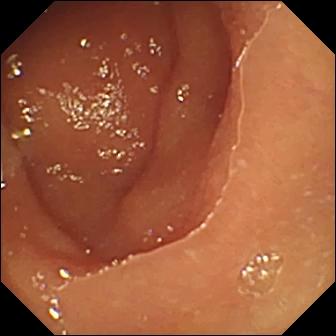Normal clean mucosa (336×336).